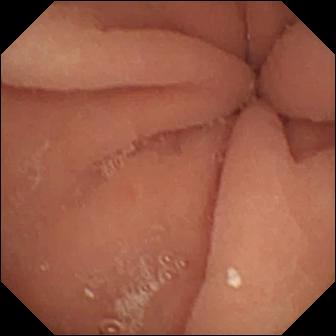Q: Where in the digestive tract was this capsule endoscopy still taken?
A: Pylorus region (the junction between the stomach and the small bowel).